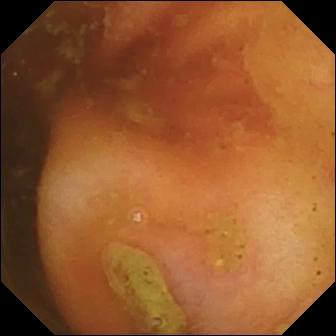This wireless capsule endoscopy still was taken in the ileo-cecal valve region (where the capsule passes from the small bowel into the large bowel).